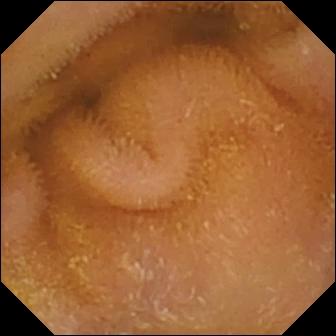Small-bowel capsule endoscopy snapshot
Impression: normal clean mucosa